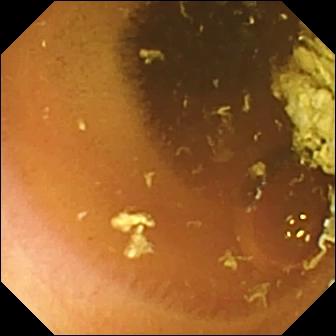Normal clean mucosa — WCE snapshot of the small bowel.